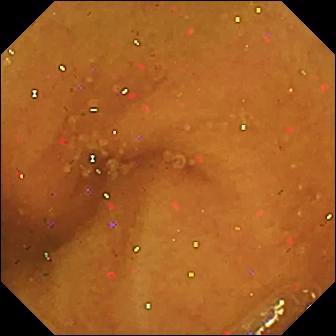modality: WCE | segment: small bowel | category: luminal finding | label: normal clean mucosa